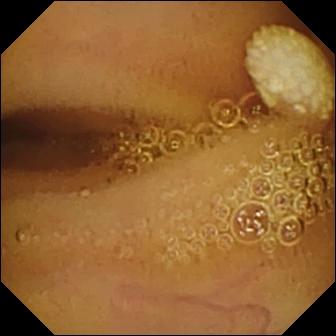VCE. Finding: lymphangiectasia.